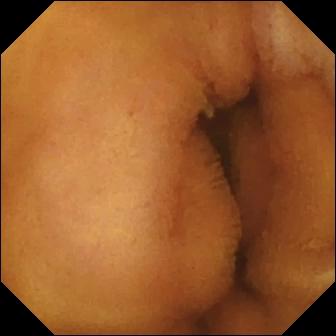Video capsule endoscopy image (small bowel). Normal clean mucosa.